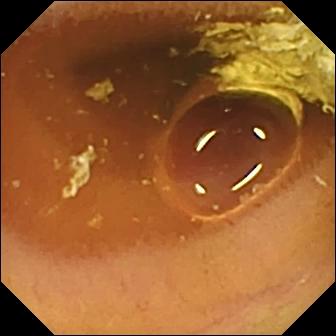Wireless capsule endoscopy frame (small intestine). Normal clean mucosa.